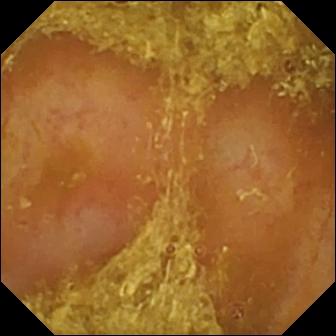- modality: small-bowel capsule endoscopy
- finding: reduced mucosal view (content or bubbles obscuring the mucosa)